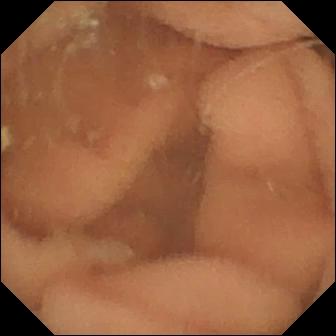modality: video capsule endoscopy; label: normal clean mucosa